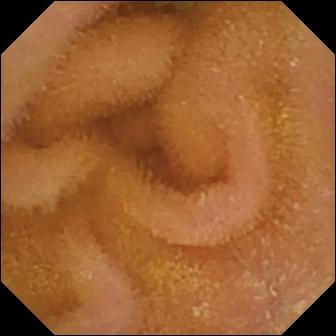This video capsule endoscopy still shows normal clean mucosa.